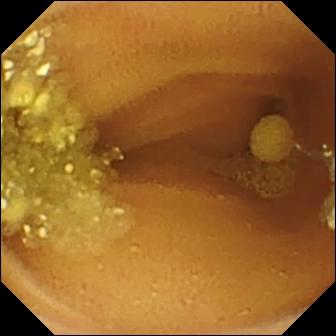- modality: WCE
- category: luminal finding
- impression: lymphangiectasia